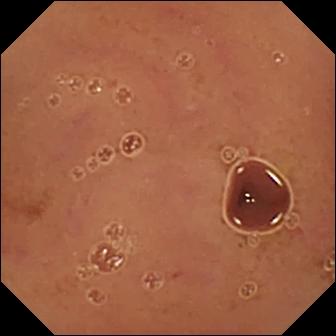modality: wireless capsule endoscopy; impression: normal clean mucosa